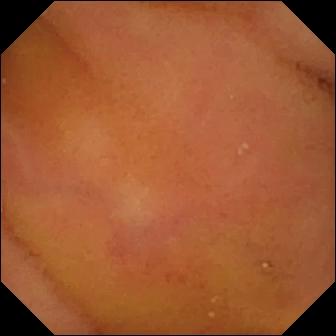Video capsule endoscopy image
Finding: normal clean mucosa